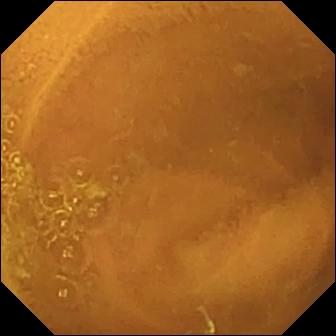This wireless capsule endoscopy image shows normal clean mucosa.